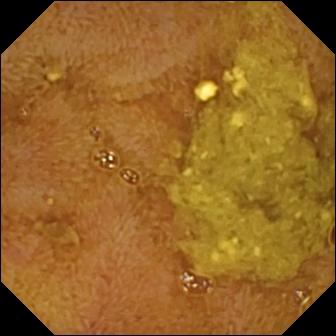Ileo-cecal valve region (where the capsule passes from the small bowel into the large bowel) — capsule endoscopy frame.